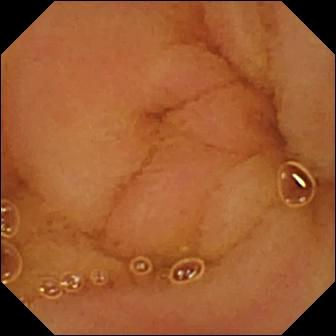Small-bowel capsule endoscopy. Finding: normal clean mucosa.